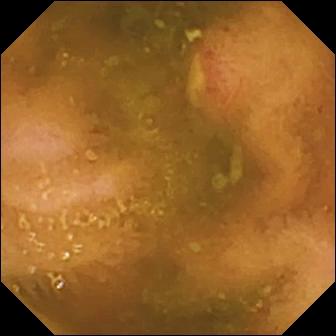Ulcer.